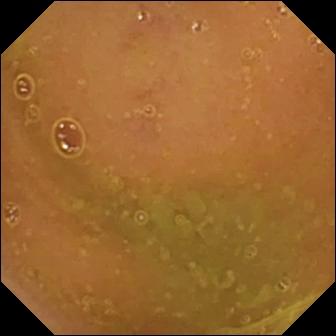Normal clean mucosa — WCE view.